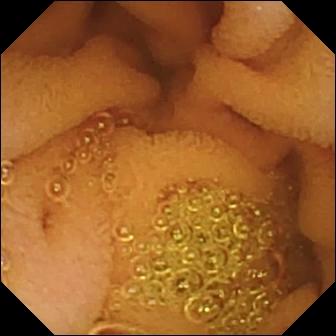{"modality": "wireless capsule endoscopy", "segment": "small bowel", "category": "luminal finding", "finding": "normal clean mucosa"}